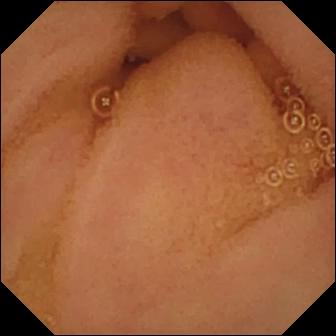Small-bowel capsule endoscopy. Luminal finding. Impression: normal clean mucosa.